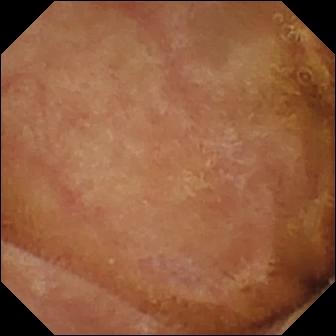{"modality": "small-bowel capsule endoscopy", "segment": "small intestine", "finding": "normal clean mucosa"}